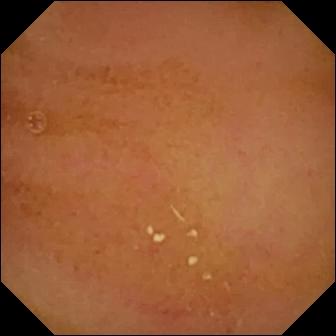Q: What does this VCE image show?
A: Normal clean mucosa.